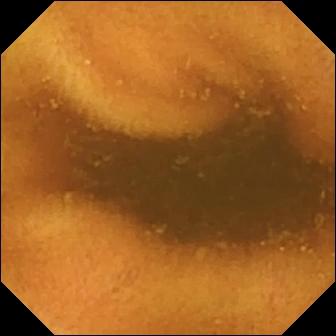PROCEDURE: Video capsule endoscopy.
FINDINGS: Normal clean mucosa.